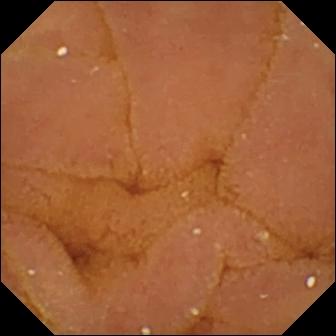Q: What does this VCE view of the small intestine show?
A: Normal clean mucosa.